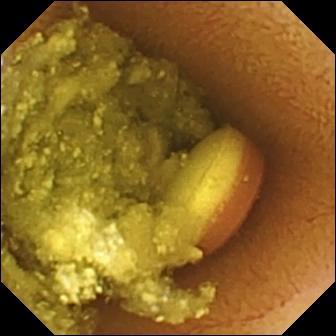PROCEDURE: Video capsule endoscopy.
FINDINGS: Foreign body (e.g. retained capsule, tablet residue).